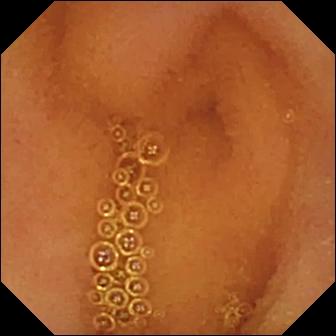modality: small-bowel capsule endoscopy | segment: small bowel | finding: normal clean mucosa